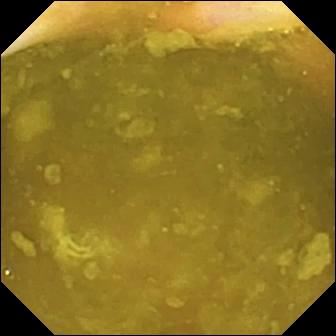VCE — ileo-cecal valve region (the transition from the small bowel to the large bowel).